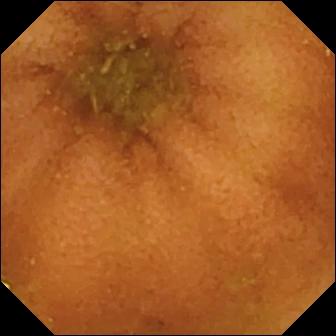WCE view, small intestine
Finding: normal clean mucosa